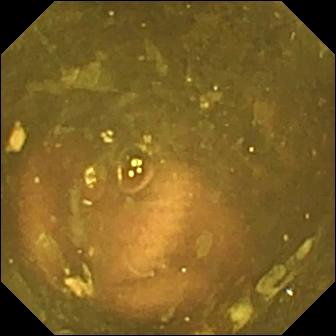Ileo-cecal valve region (the transition from the small bowel to the large bowel) — VCE still.